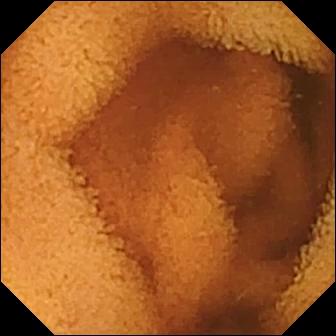Normal clean mucosa.